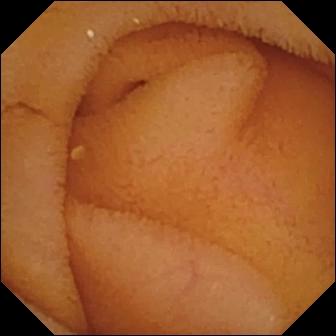Video capsule endoscopy view showing normal clean mucosa.